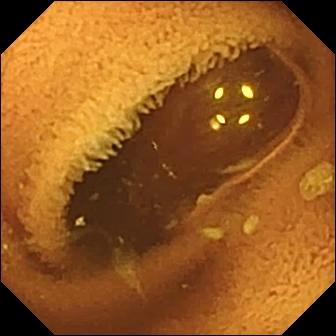Normal clean mucosa — capsule endoscopy frame.